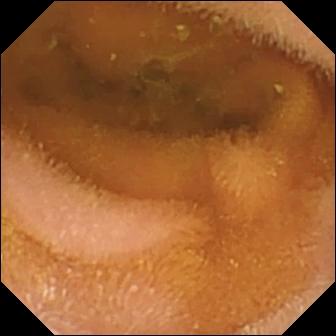Q: What does this small-bowel capsule endoscopy still of the small intestine show?
A: Normal clean mucosa.